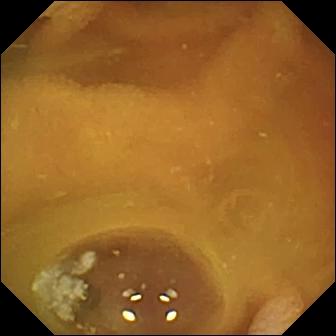This wireless capsule endoscopy view of the small intestine shows normal clean mucosa.